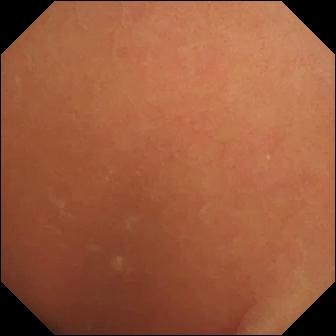Small-bowel capsule endoscopy snapshot, 336×336. Normal clean mucosa.